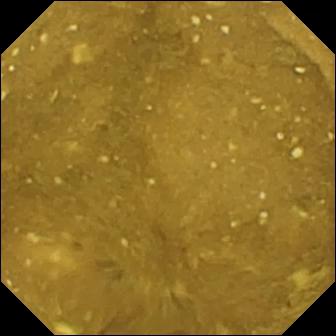Capsule endoscopy frame
Video segment: ileo-cecal valve region